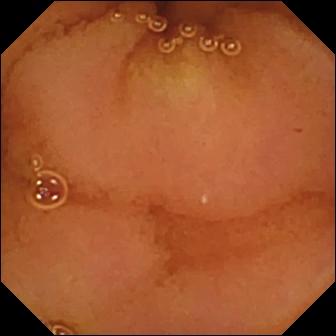Capsule endoscopy — normal clean mucosa.